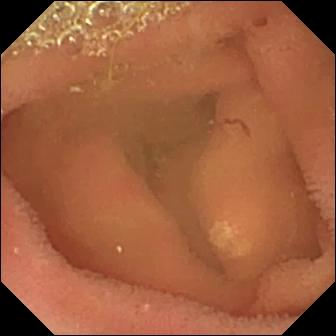This VCE still shows lymphangiectasia.